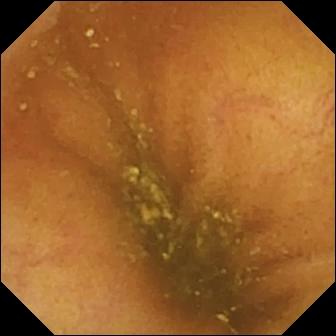This small-bowel capsule endoscopy view was taken in the ileo-cecal valve region.